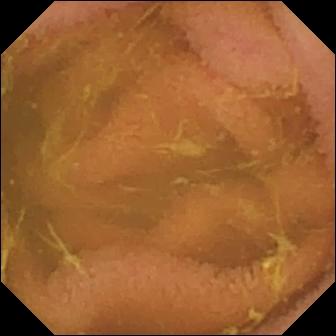Video capsule endoscopy snapshot showing normal clean mucosa.